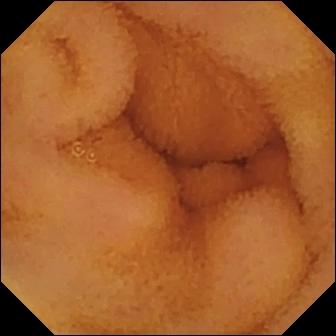Normal clean mucosa — video capsule endoscopy still.